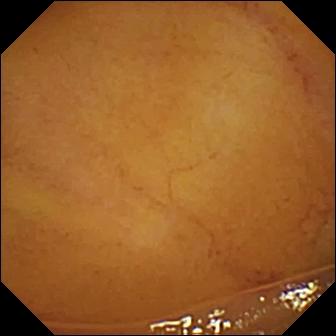VCE — normal clean mucosa.